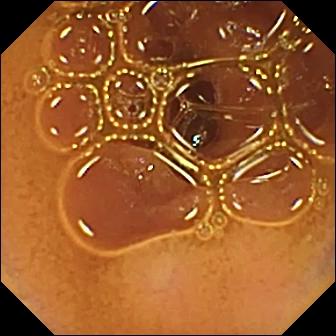PROCEDURE: WCE.
FINDINGS: Normal clean mucosa.